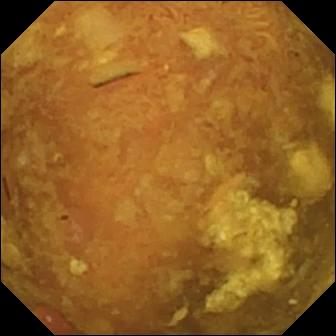Reduced mucosal view (content or bubbles obscuring the mucosa) — video capsule endoscopy still.